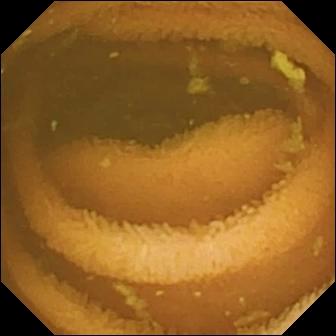- modality: small-bowel capsule endoscopy
- label: normal clean mucosa